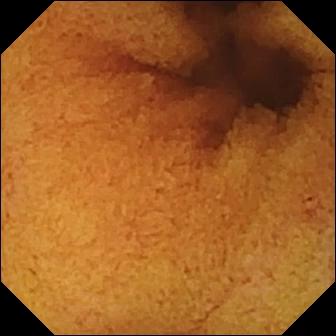Small-bowel capsule endoscopy image, small bowel
Observation: normal clean mucosa